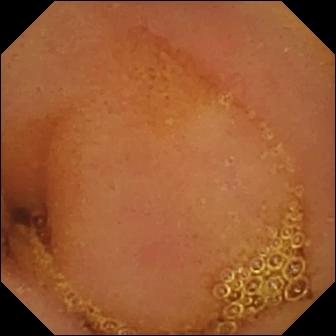Q: What does this capsule endoscopy frame show?
A: Normal clean mucosa.